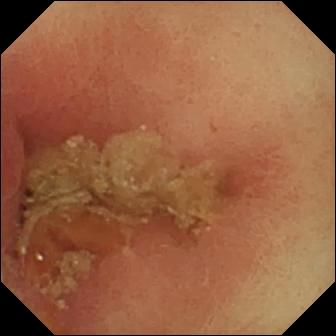Pylorus region, 336×336.